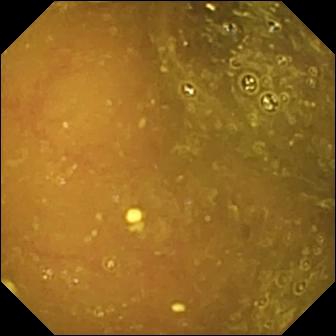Capsule endoscopy. Small bowel. Label: reduced mucosal view (content or bubbles obscuring the mucosa).